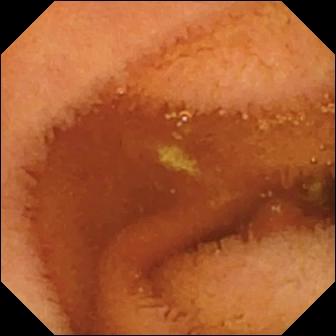VCE snapshot. Normal clean mucosa.